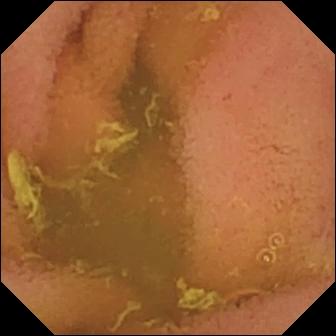Small-bowel capsule endoscopy — normal clean mucosa.